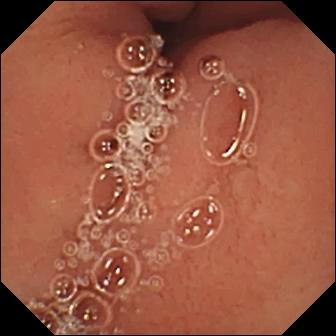Capsule endoscopy. Near an anatomical landmark. Label: pylorus region (the junction between the stomach and the small bowel).